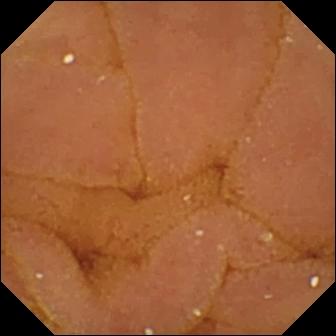Q: What does this capsule endoscopy image of the small bowel show?
A: Normal clean mucosa.